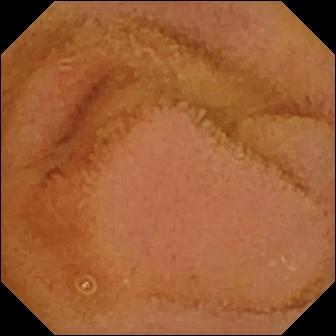This video capsule endoscopy image shows normal clean mucosa.